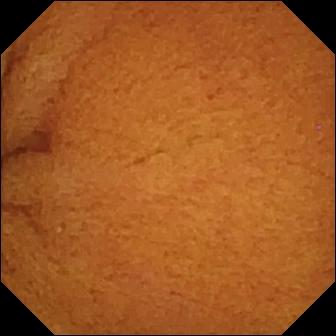Normal clean mucosa (336×336).